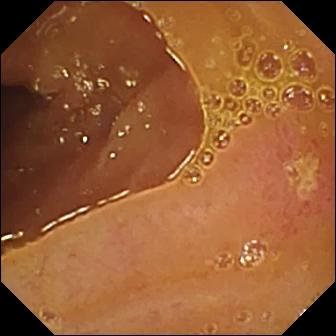Small-bowel capsule endoscopy — ulcer.